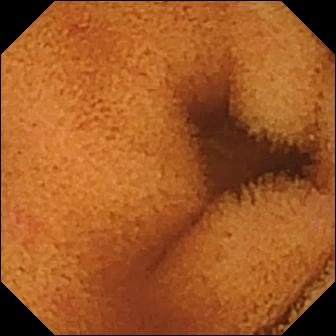- modality: WCE
- segment: small bowel
- observation: normal clean mucosa